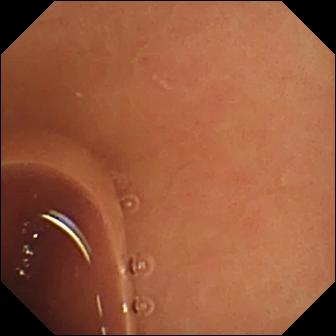{"modality": "WCE", "finding": "normal clean mucosa"}